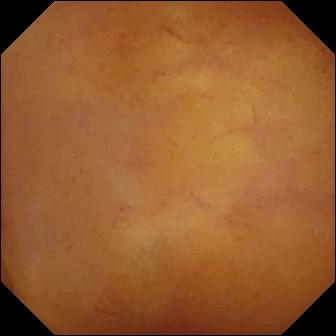VCE — normal clean mucosa.